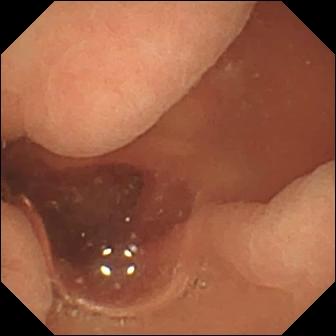PROCEDURE: VCE.
FINDINGS: Normal clean mucosa.